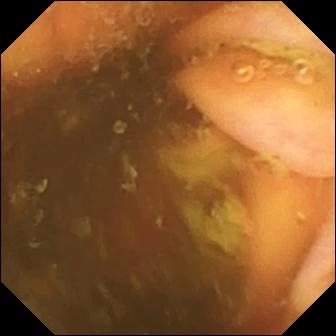Q: Where in the digestive tract was this capsule endoscopy view taken?
A: Ileo-cecal valve region.